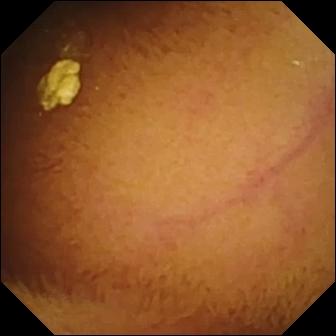This wireless capsule endoscopy view of the small bowel shows normal clean mucosa.